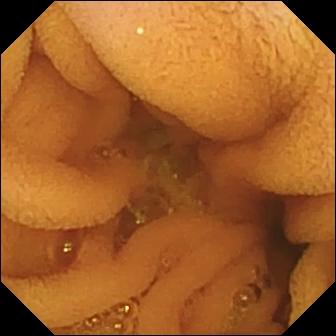Wireless capsule endoscopy snapshot, small bowel
Observation: normal clean mucosa